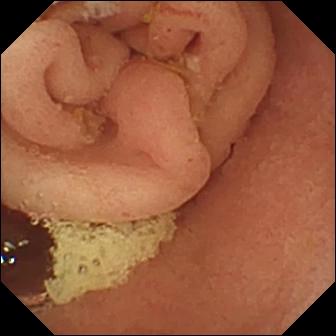Pylorus region (the junction between the stomach and the small bowel) — VCE frame.